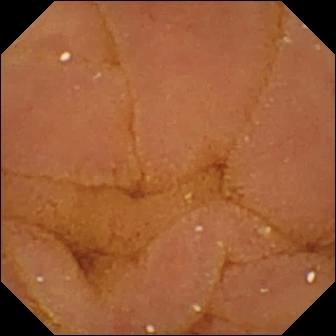Small-bowel capsule endoscopy still of the small intestine showing normal clean mucosa.